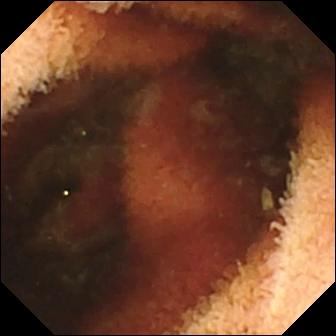Q: What does this WCE image show?
A: Fresh blood in the lumen.